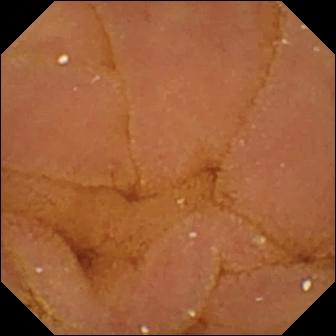{"modality": "VCE", "segment": "small intestine", "category": "luminal finding", "finding": "normal clean mucosa"}